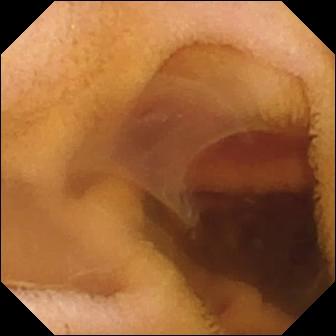VCE image showing fresh blood in the lumen.